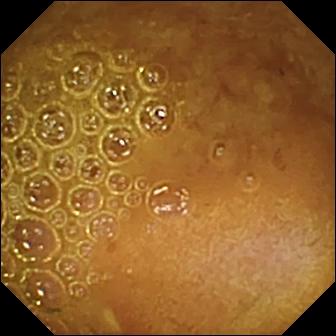Small-bowel capsule endoscopy view showing reduced mucosal view (content or bubbles obscuring the mucosa).